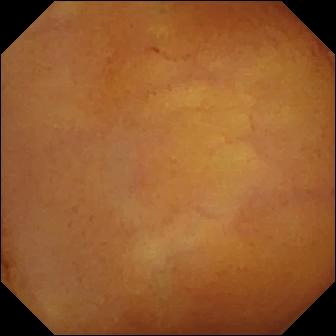- modality: small-bowel capsule endoscopy
- segment: small intestine
- category: luminal finding
- finding: normal clean mucosa